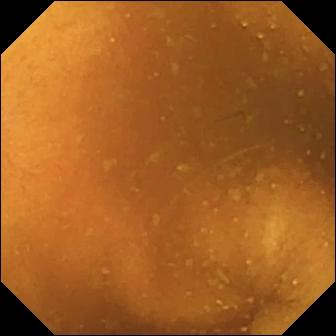This wireless capsule endoscopy snapshot of the small intestine shows normal clean mucosa.